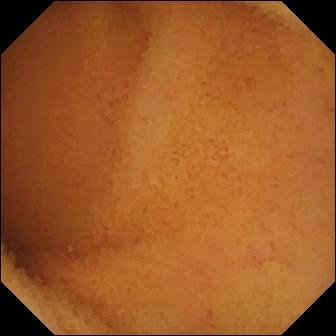Capsule endoscopy. Label: normal clean mucosa.